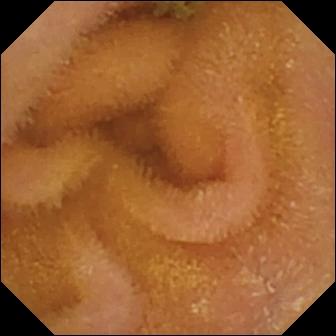Video capsule endoscopy. Label: normal clean mucosa.